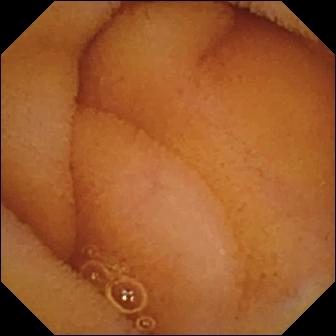Capsule endoscopy frame, 336×336. Normal clean mucosa.